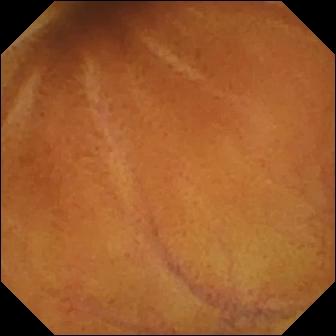- modality: capsule endoscopy
- segment: small intestine
- observation: normal clean mucosa